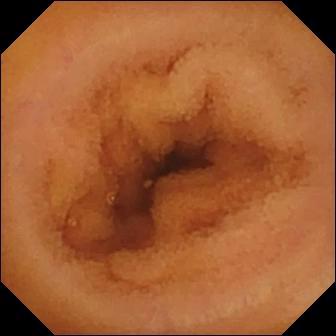Q: What does this small-bowel capsule endoscopy image show?
A: Normal clean mucosa.